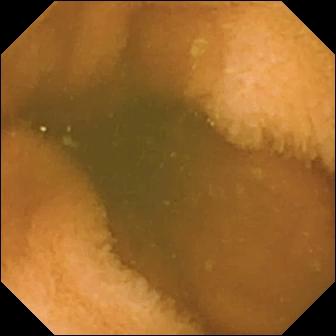PROCEDURE: Small-bowel capsule endoscopy.
SEGMENT: Small intestine.
FINDINGS: Normal clean mucosa.